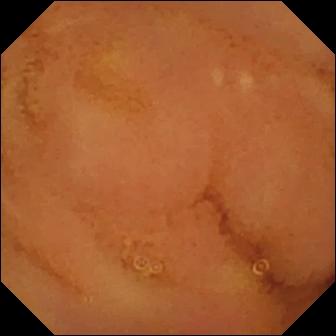Video capsule endoscopy image (small bowel), 336×336. Normal clean mucosa.